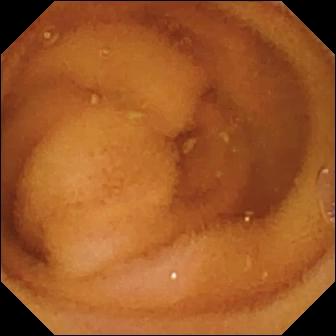Capsule endoscopy frame, small intestine
Label: normal clean mucosa